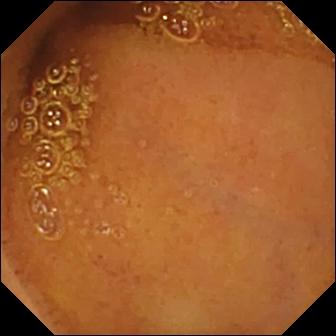Normal clean mucosa.